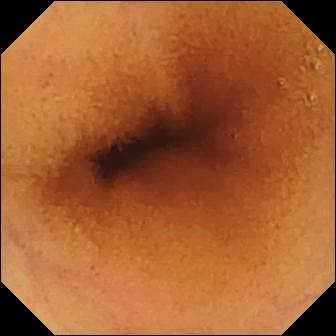This capsule endoscopy snapshot shows normal clean mucosa.